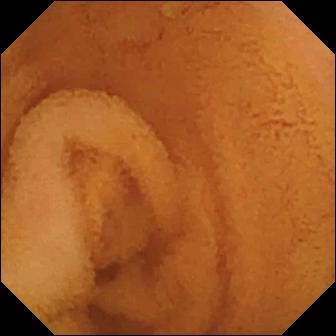Video capsule endoscopy. Small bowel. Label: normal clean mucosa.